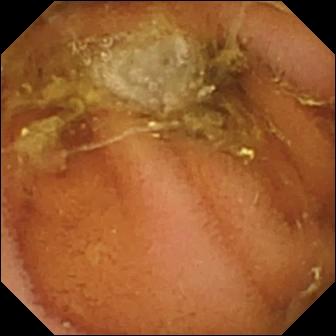VCE. Small bowel. Luminal finding. Label: normal clean mucosa.